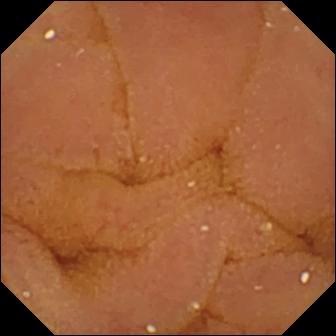VCE frame
Label: normal clean mucosa